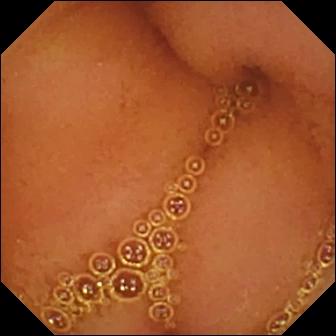modality: video capsule endoscopy | label: normal clean mucosa